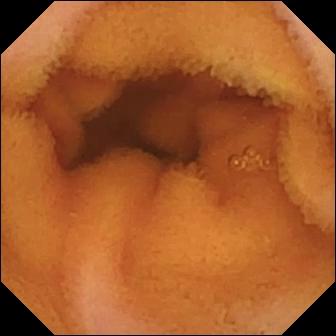WCE still (small intestine). Normal clean mucosa.